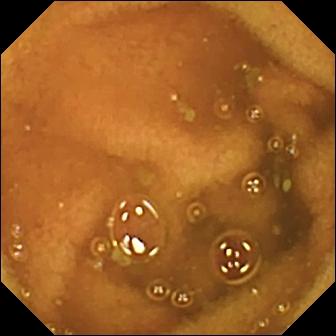WCE still showing normal clean mucosa.